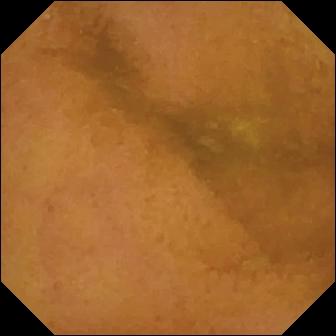Capsule endoscopy. Label: normal clean mucosa.